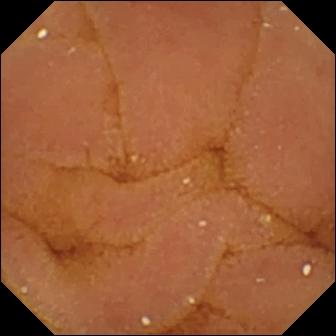WCE snapshot showing normal clean mucosa.